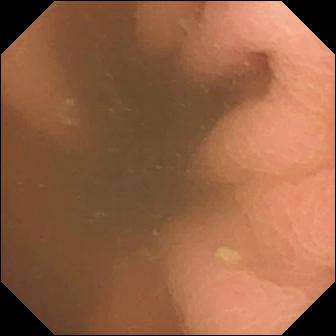Pylorus region (the junction between the stomach and the small bowel) — VCE frame.